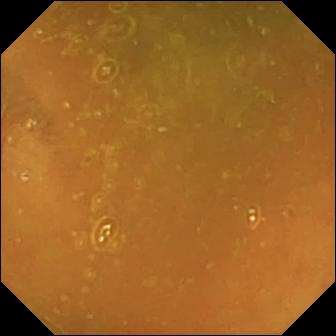Video capsule endoscopy snapshot
Location: ileo-cecal valve region (where the capsule passes from the small bowel into the large bowel)